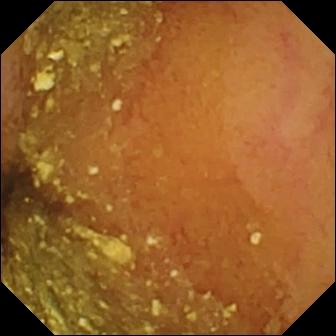Normal clean mucosa — small-bowel capsule endoscopy frame.